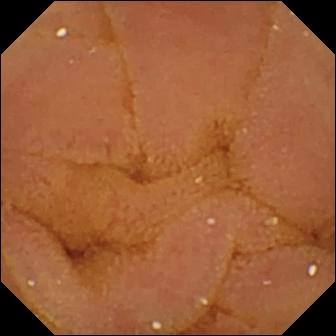- modality: capsule endoscopy
- category: luminal finding
- impression: normal clean mucosa